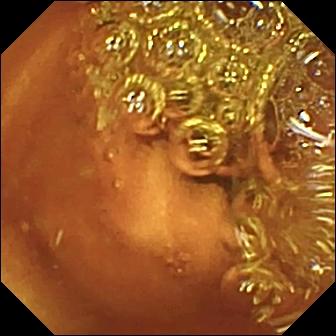modality: WCE | impression: normal clean mucosa